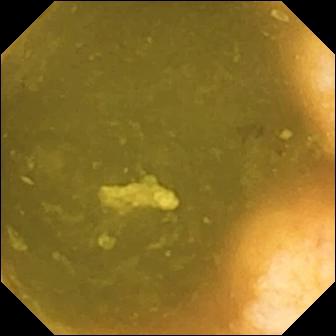Small-bowel capsule endoscopy. Label: ileo-cecal valve region (where the capsule passes from the small bowel into the large bowel).